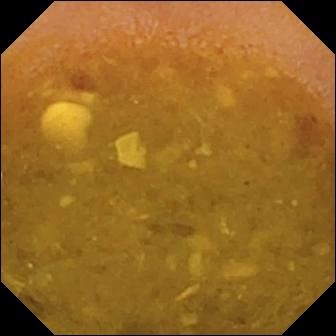- modality: wireless capsule endoscopy
- observation: reduced mucosal view (content or bubbles obscuring the mucosa)